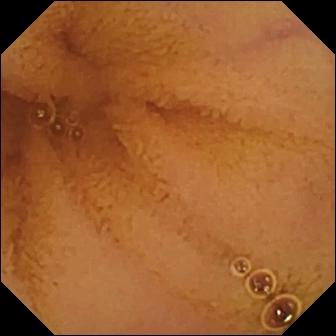{"modality": "VCE", "segment": "small intestine", "finding": "normal clean mucosa"}